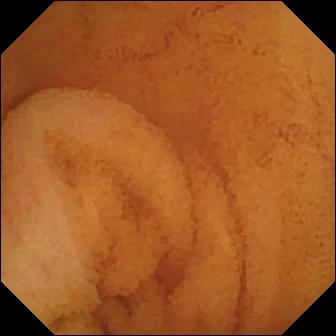modality: WCE | segment: small intestine | category: luminal finding | impression: normal clean mucosa